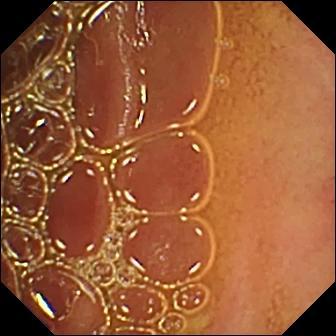This wireless capsule endoscopy frame shows normal clean mucosa.